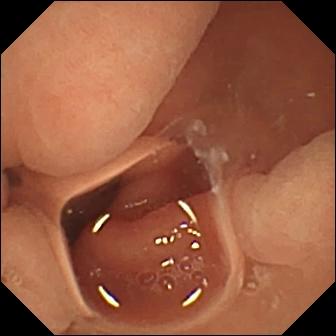modality: capsule endoscopy | observation: normal clean mucosa